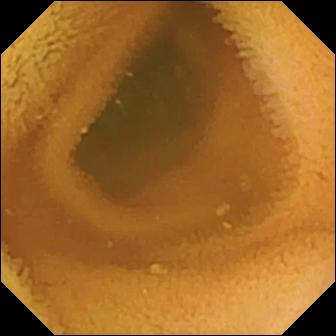Small-bowel capsule endoscopy. Small intestine. Luminal finding. Finding: normal clean mucosa.